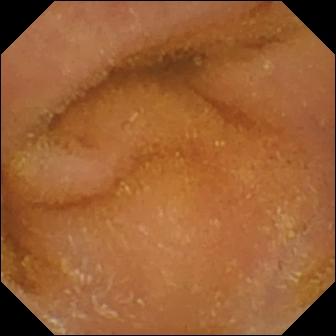VCE image
Observation: normal clean mucosa